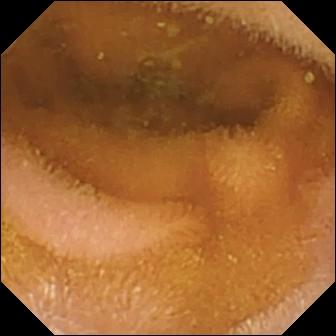This small-bowel capsule endoscopy view shows normal clean mucosa.